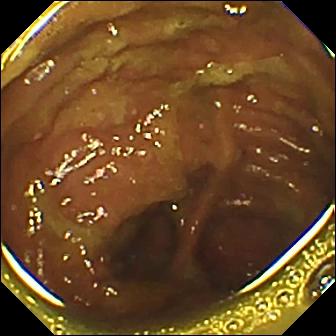VCE still. Taken in the ileo-cecal valve region (where the capsule passes from the small bowel into the large bowel).